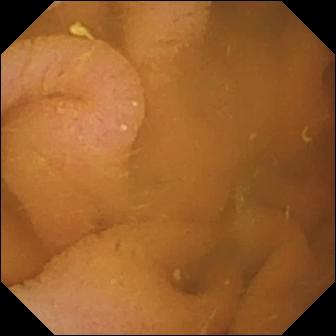Video capsule endoscopy snapshot showing normal clean mucosa.